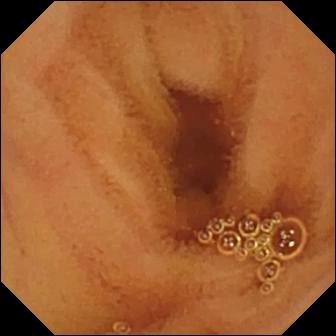Small-bowel capsule endoscopy image
Observation: normal clean mucosa